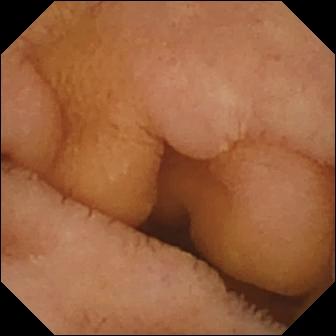Q: What does this WCE snapshot show?
A: Normal clean mucosa.